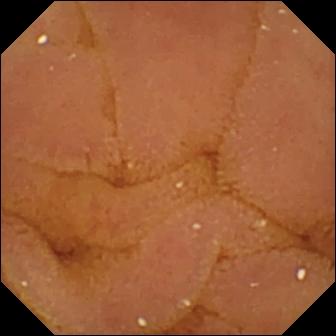Capsule endoscopy image, 336×336. Normal clean mucosa.